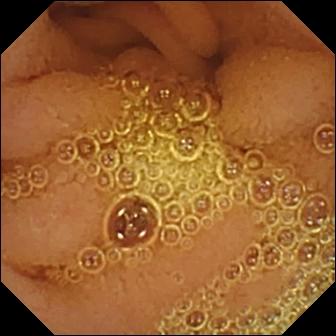Q: What does this wireless capsule endoscopy image show?
A: Normal clean mucosa.